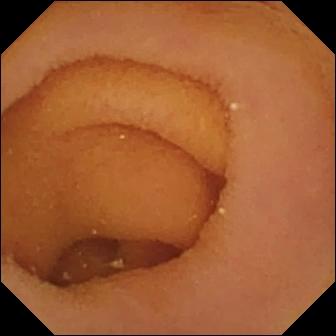Small-bowel capsule endoscopy — pylorus region (where the capsule passes from the stomach into the small bowel).